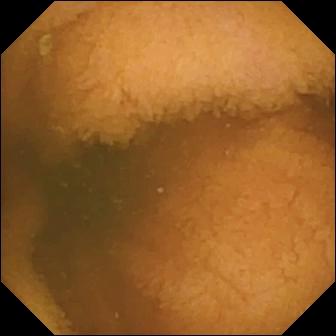Small-bowel capsule endoscopy still. Normal clean mucosa.